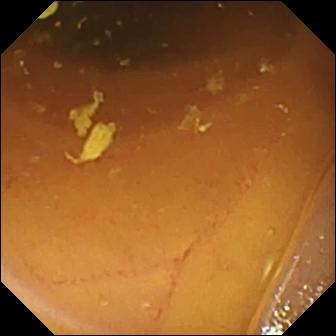Small-bowel capsule endoscopy image of the small bowel showing normal clean mucosa.